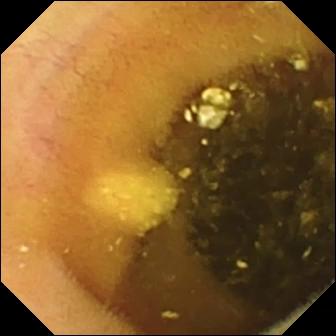- modality: VCE
- observation: lymphangiectasia